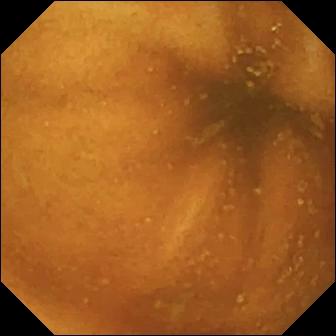Normal clean mucosa — small-bowel capsule endoscopy frame of the small bowel.